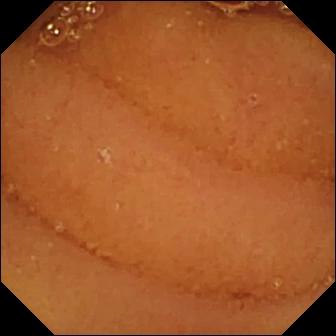PROCEDURE: Capsule endoscopy.
SEGMENT: Small intestine.
FINDINGS: Normal clean mucosa.